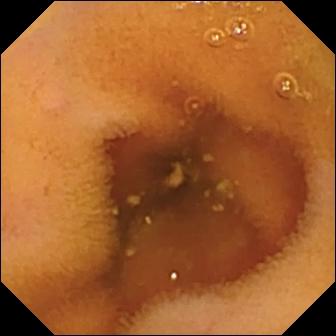VCE. Luminal finding. Observation: normal clean mucosa.